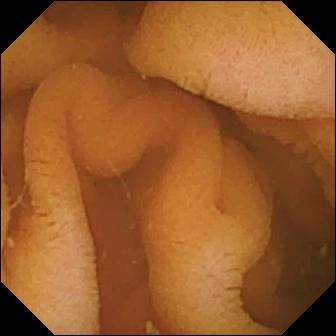- modality: capsule endoscopy
- observation: normal clean mucosa